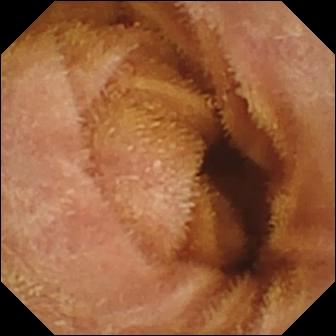{"modality": "WCE", "finding": "normal clean mucosa"}